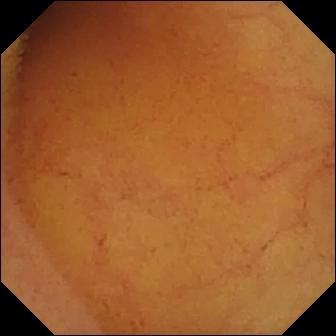Capsule endoscopy. Impression: normal clean mucosa.